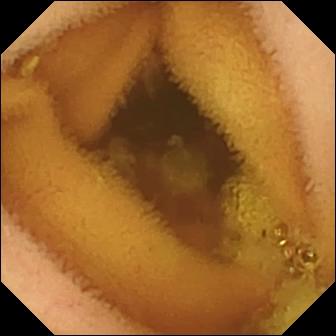Normal clean mucosa.